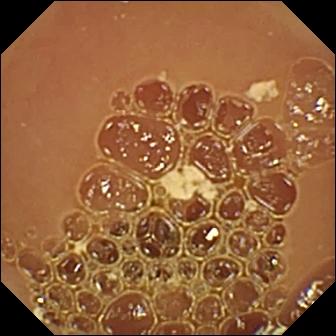PROCEDURE: Small-bowel capsule endoscopy.
SEGMENT: Small intestine.
FINDINGS: Normal clean mucosa.